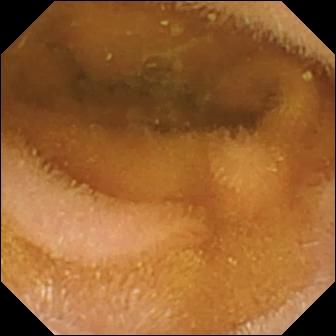{"modality": "VCE", "finding": "normal clean mucosa"}